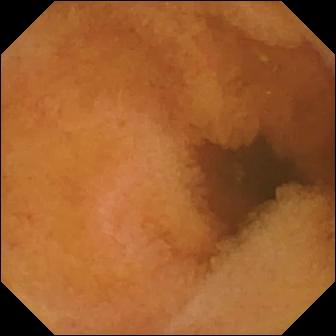modality: VCE
segment: small intestine
observation: normal clean mucosa